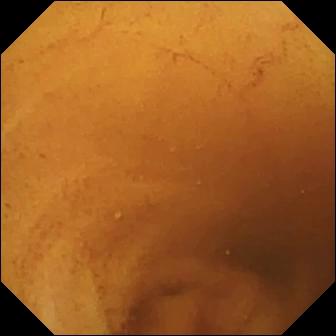This small-bowel capsule endoscopy frame shows normal clean mucosa.